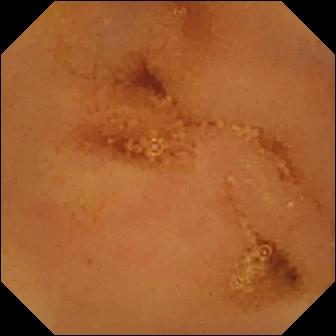Video capsule endoscopy still of the small bowel showing normal clean mucosa.